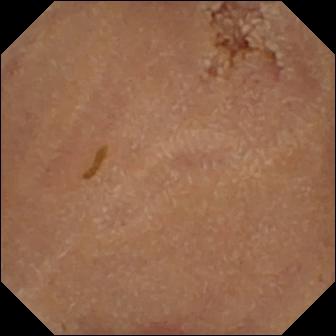Normal clean mucosa — VCE frame of the small intestine.